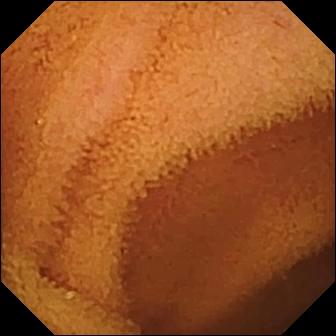- modality: VCE
- finding: normal clean mucosa